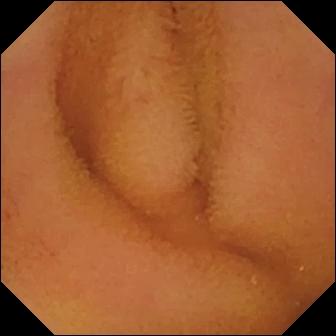Normal clean mucosa — WCE snapshot of the small intestine.